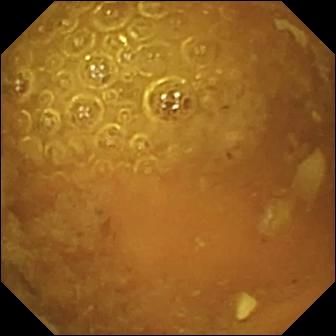- modality: small-bowel capsule endoscopy
- observation: reduced mucosal view (content or bubbles obscuring the mucosa)